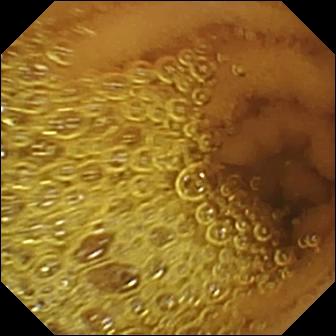VCE frame
Impression: normal clean mucosa